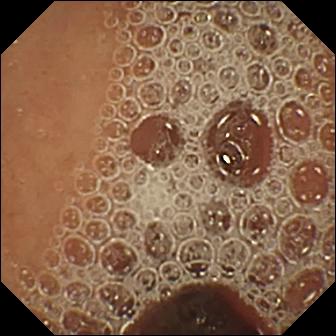Q: What does this capsule endoscopy view show?
A: Normal clean mucosa.